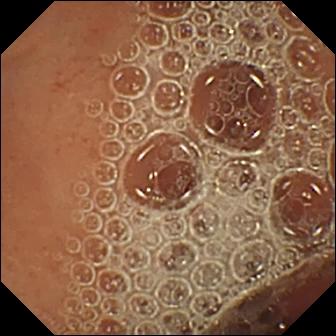modality: VCE | label: normal clean mucosa